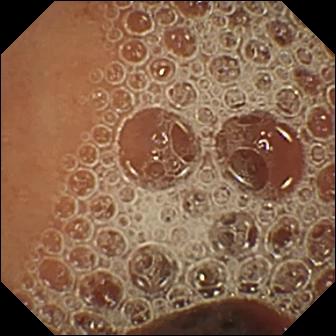{"modality": "wireless capsule endoscopy", "category": "luminal finding", "finding": "normal clean mucosa"}